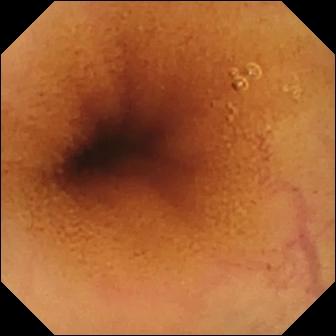Small-bowel capsule endoscopy frame showing normal clean mucosa.